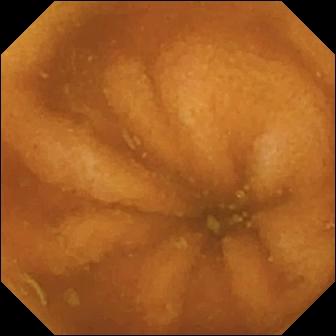This wireless capsule endoscopy still shows normal clean mucosa.